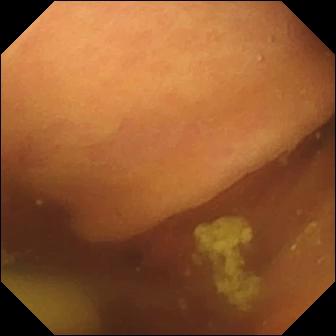Foreign body (e.g. retained capsule, tablet residue) — small-bowel capsule endoscopy snapshot.